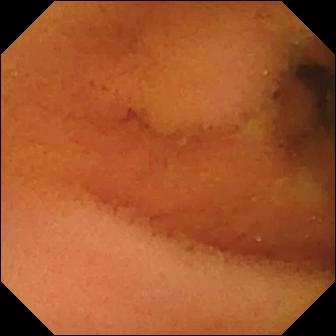VCE — normal clean mucosa.